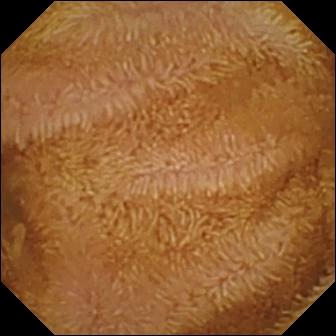modality: VCE; impression: normal clean mucosa